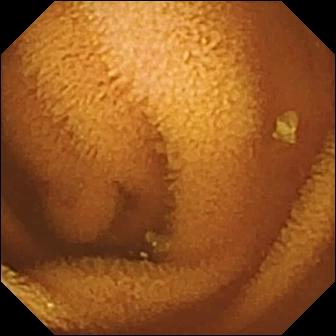- modality: small-bowel capsule endoscopy
- segment: small intestine
- category: luminal finding
- impression: normal clean mucosa